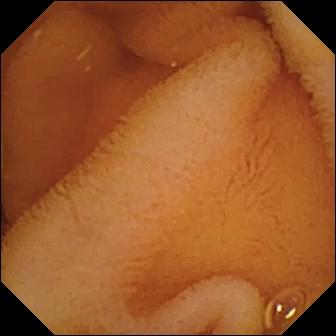Normal clean mucosa.